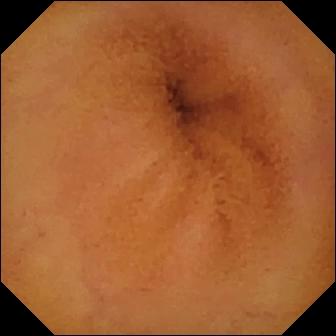Small-bowel capsule endoscopy frame showing normal clean mucosa.